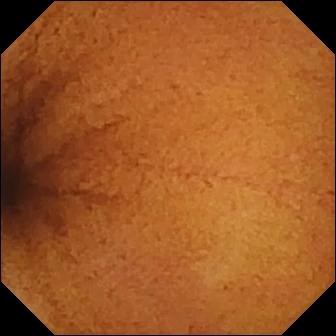{"modality": "VCE", "category": "luminal finding", "finding": "normal clean mucosa"}